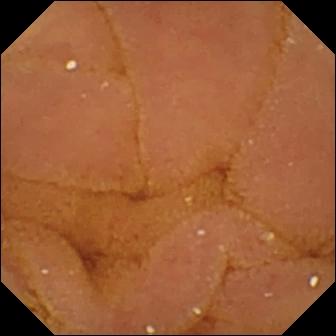{"modality": "VCE", "finding": "normal clean mucosa"}